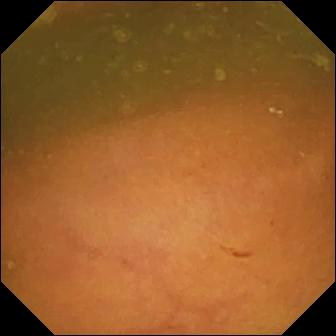Capsule endoscopy image
Position: ileo-cecal valve region